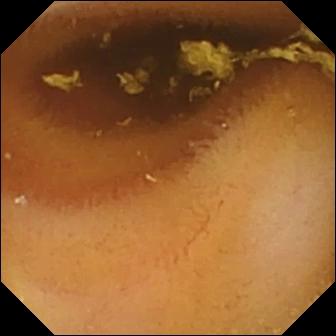Video capsule endoscopy still (small bowel). Normal clean mucosa.